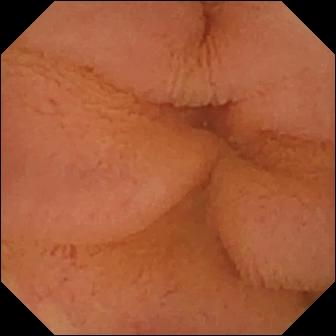WCE. Small intestine. Luminal finding. Label: normal clean mucosa.